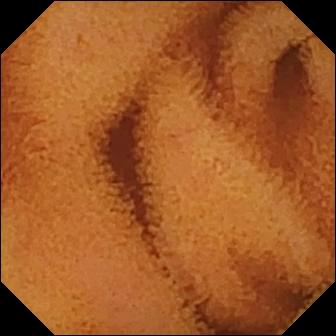Q: What does this VCE image show?
A: Normal clean mucosa.